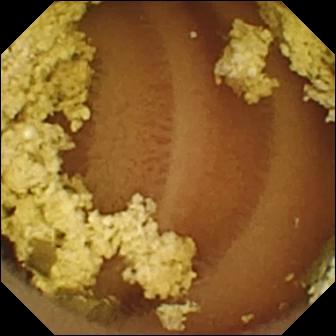Q: What does this wireless capsule endoscopy view show?
A: Normal clean mucosa.